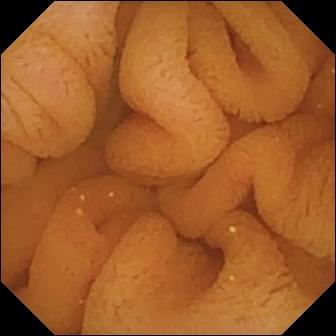Normal clean mucosa.